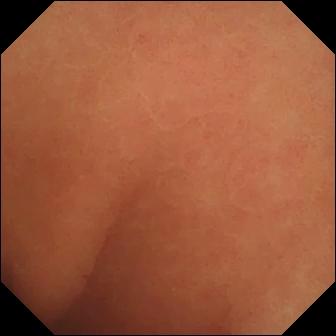This WCE snapshot shows normal clean mucosa.